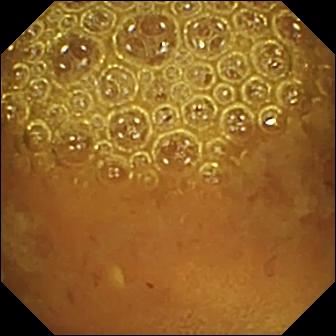Small-bowel capsule endoscopy. Small bowel. Luminal finding. Observation: reduced mucosal view (content or bubbles obscuring the mucosa).